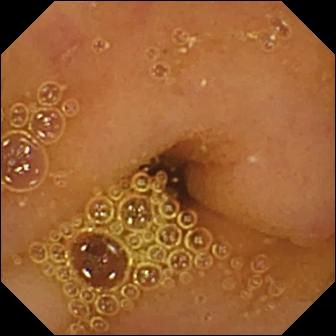{"modality": "WCE", "segment": "small bowel", "finding": "normal clean mucosa"}